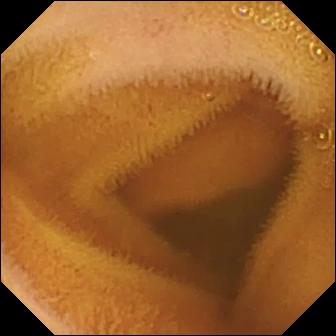Normal clean mucosa — WCE frame of the small intestine.